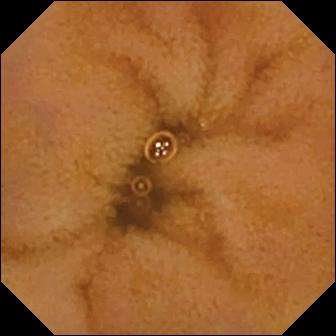Q: What does this wireless capsule endoscopy snapshot of the small bowel show?
A: Normal clean mucosa.